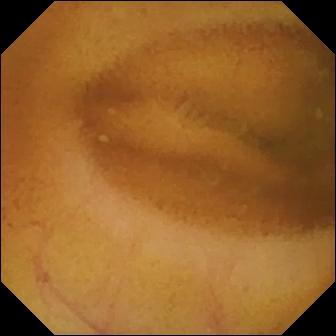- modality: WCE
- label: normal clean mucosa